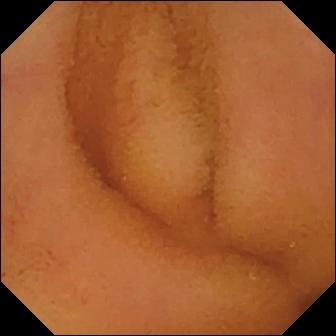{"modality": "WCE", "segment": "small intestine", "category": "luminal finding", "finding": "normal clean mucosa"}